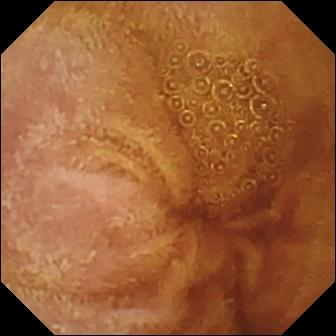Q: What does this wireless capsule endoscopy view show?
A: Normal clean mucosa.